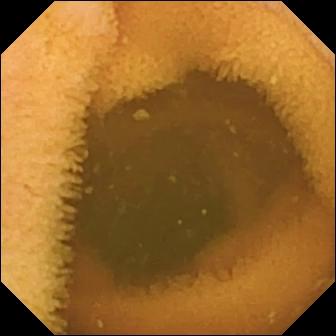Q: What does this VCE frame of the small intestine show?
A: Normal clean mucosa.